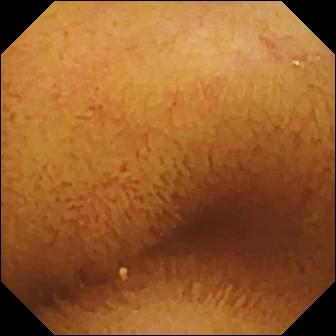modality: small-bowel capsule endoscopy; category: luminal finding; finding: normal clean mucosa